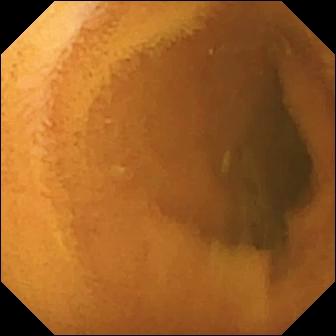Q: What does this wireless capsule endoscopy image of the small intestine show?
A: Normal clean mucosa.